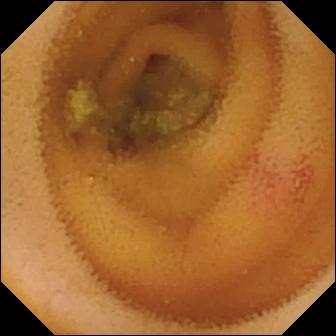Angiectasia.